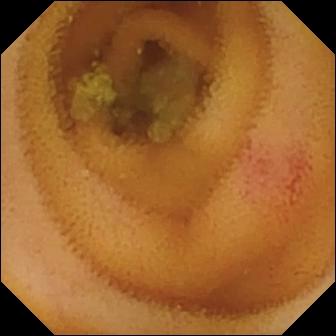- modality: video capsule endoscopy
- finding: angiectasia